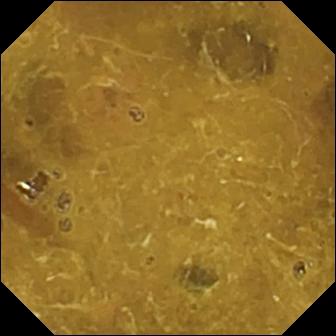PROCEDURE: Video capsule endoscopy.
POSITION: Ileo-cecal valve region (the transition from the small bowel to the large bowel).